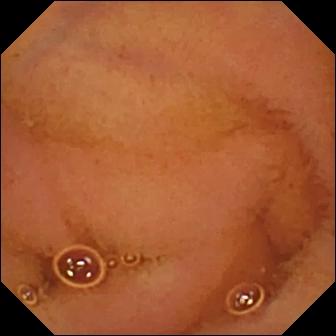Small-bowel capsule endoscopy snapshot (small bowel). Normal clean mucosa.